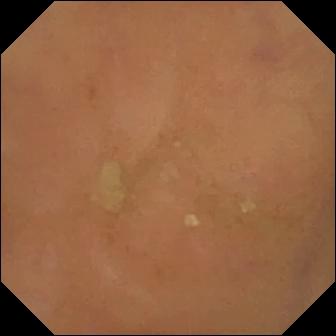- modality: wireless capsule endoscopy
- impression: normal clean mucosa